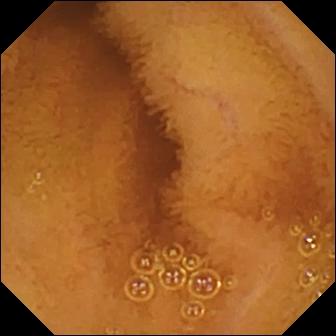modality: VCE
segment: small bowel
category: luminal finding
observation: normal clean mucosa